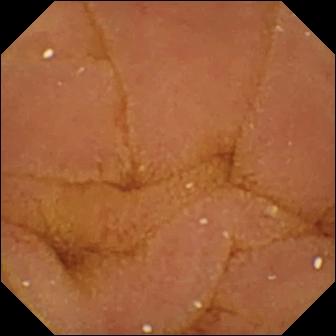Normal clean mucosa — video capsule endoscopy image of the small bowel.